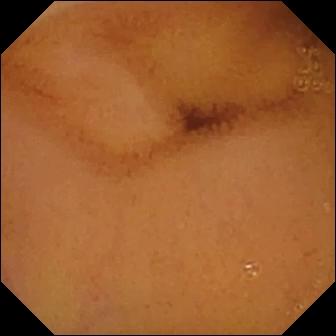{"modality": "video capsule endoscopy", "segment": "small bowel", "category": "luminal finding", "finding": "normal clean mucosa"}